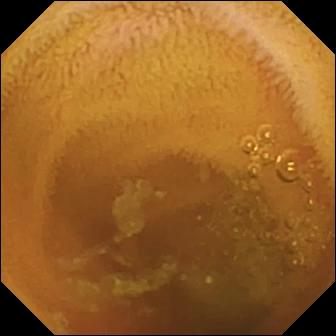modality: WCE; label: normal clean mucosa